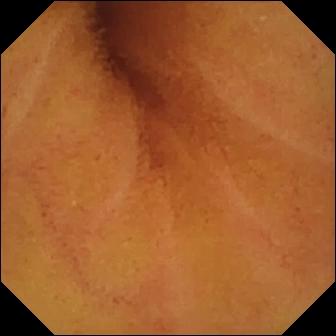Q: What does this video capsule endoscopy snapshot show?
A: Normal clean mucosa.